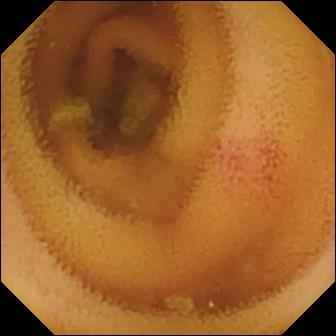Wireless capsule endoscopy frame. Angiectasia.